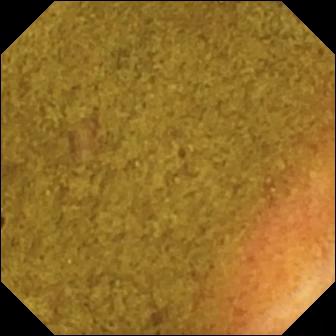{"modality": "VCE", "location": "ileo-cecal valve region (the transition from the small bowel to the large bowel)"}